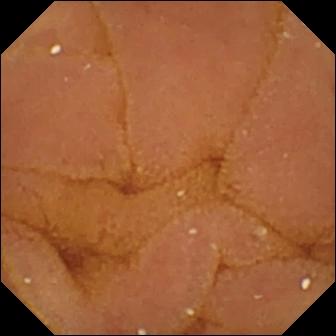Normal clean mucosa — capsule endoscopy view of the small bowel.